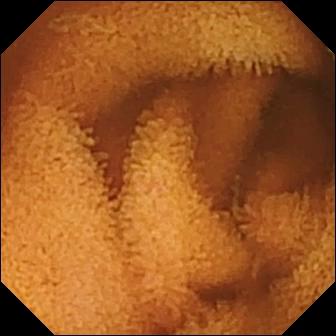Capsule endoscopy. Small intestine. Luminal finding. Label: normal clean mucosa.